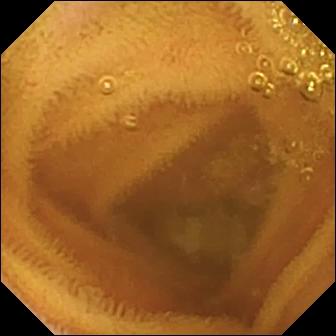modality: capsule endoscopy | category: luminal finding | finding: normal clean mucosa